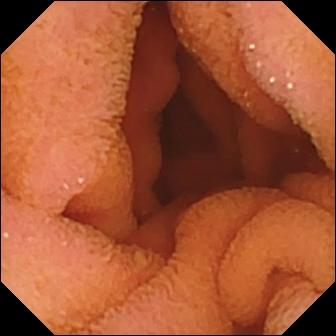WCE view of the small intestine showing normal clean mucosa.